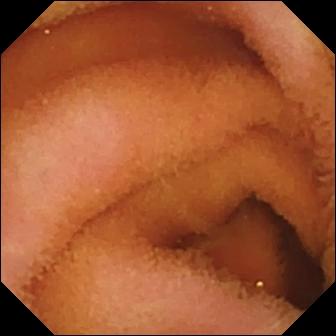Small-bowel capsule endoscopy frame (small bowel). Normal clean mucosa.